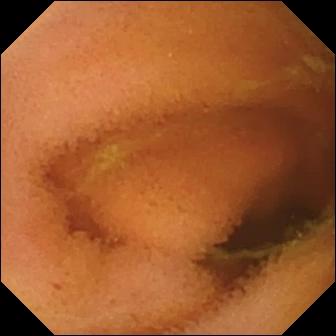- modality: small-bowel capsule endoscopy
- label: normal clean mucosa